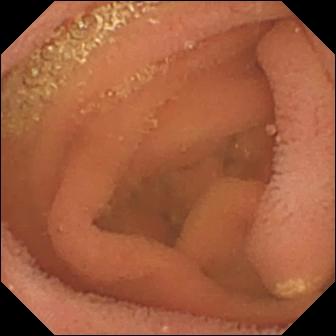Lymphangiectasia.